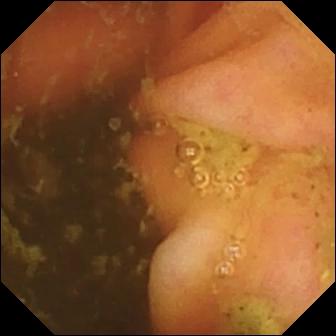VCE. Location: ileo-cecal valve region.